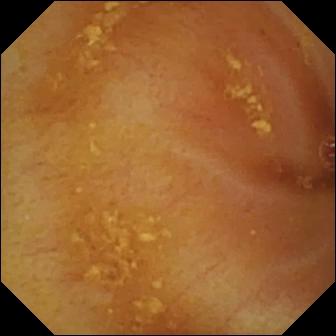PROCEDURE: Small-bowel capsule endoscopy.
LABEL: Ileo-cecal valve region (where the capsule passes from the small bowel into the large bowel).